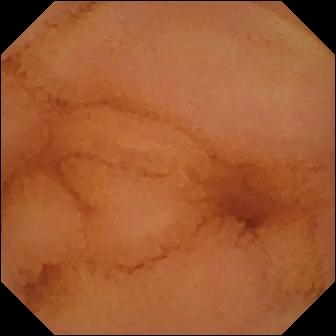modality: VCE | label: normal clean mucosa